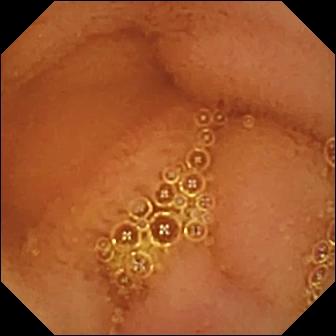Video capsule endoscopy — normal clean mucosa.